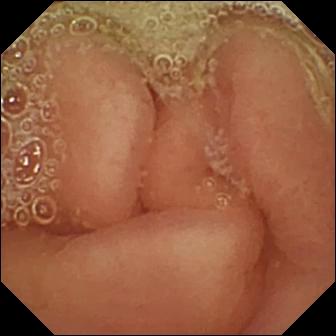Video capsule endoscopy — pylorus region (the junction between the stomach and the small bowel).